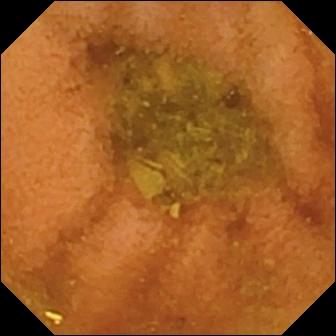This WCE still shows normal clean mucosa.